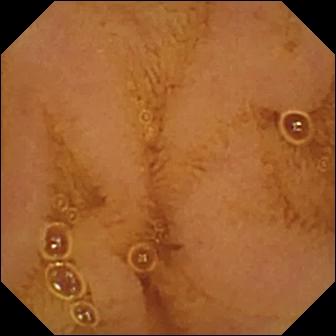Video capsule endoscopy. Impression: normal clean mucosa.